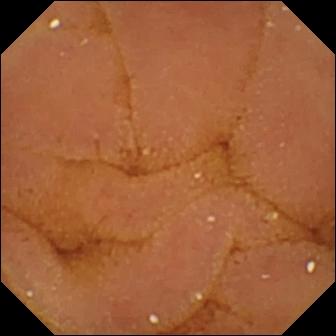Video capsule endoscopy — normal clean mucosa.